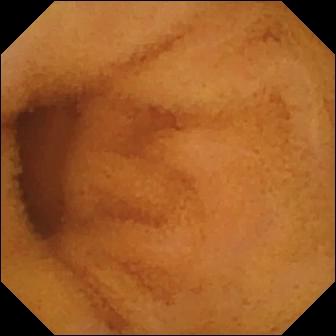WCE frame (small intestine). Normal clean mucosa.